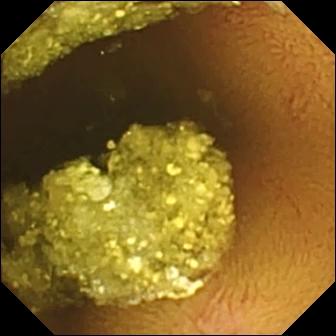VCE. Small bowel. Impression: normal clean mucosa.